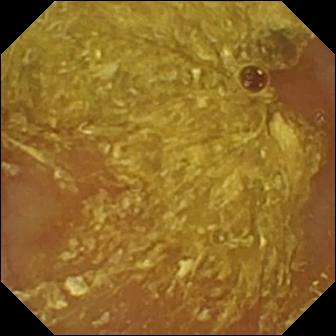modality: video capsule endoscopy | label: reduced mucosal view (content or bubbles obscuring the mucosa)